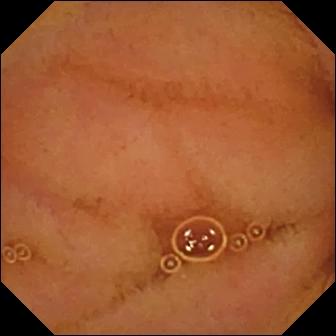VCE. Luminal finding. Impression: normal clean mucosa.